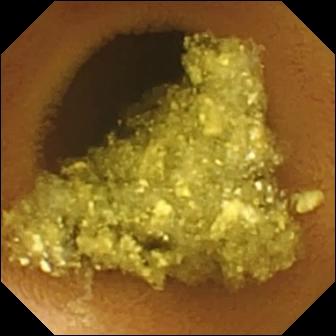Q: What does this VCE frame show?
A: Normal clean mucosa.